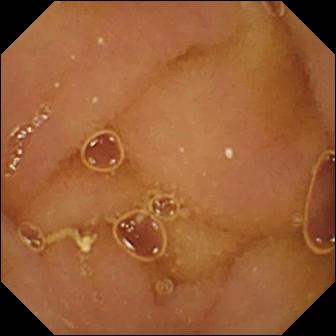Wireless capsule endoscopy still of the small bowel showing normal clean mucosa.